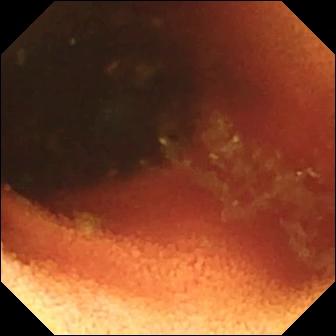PROCEDURE: Small-bowel capsule endoscopy.
POSITION: Ileo-cecal valve region (the transition from the small bowel to the large bowel).